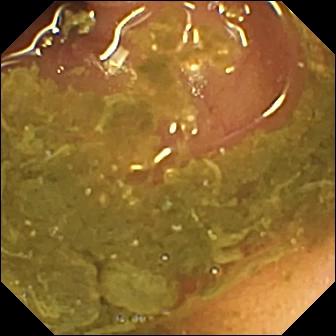Ileo-cecal valve region (where the capsule passes from the small bowel into the large bowel), 336×336.